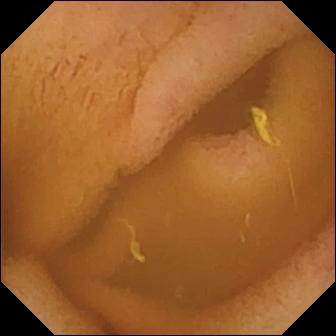WCE — normal clean mucosa.